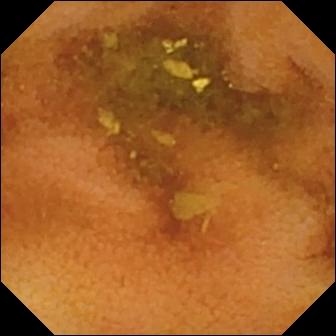VCE image, small bowel
Impression: normal clean mucosa